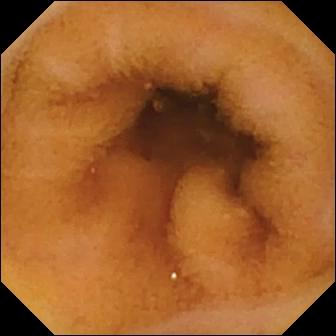Normal clean mucosa (336×336).